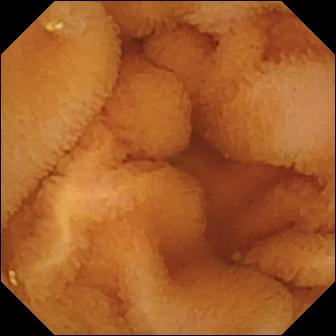Video capsule endoscopy — normal clean mucosa.